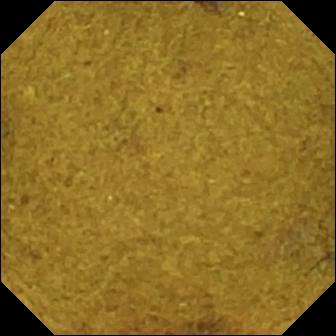Capsule endoscopy. Label: ileo-cecal valve region (where the capsule passes from the small bowel into the large bowel).